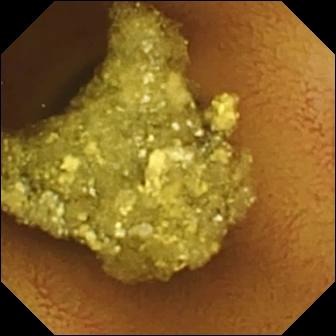modality: small-bowel capsule endoscopy
segment: small bowel
finding: normal clean mucosa